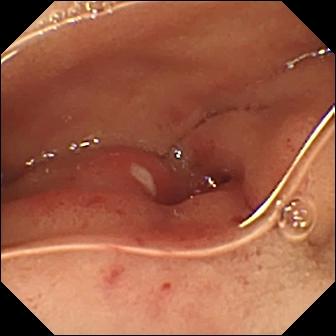This video capsule endoscopy snapshot shows ulcer.